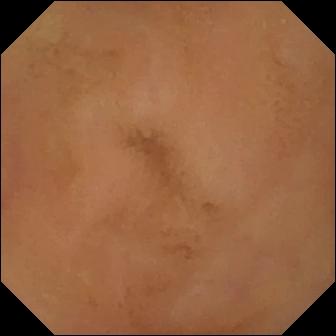Q: What does this video capsule endoscopy still of the small bowel show?
A: Normal clean mucosa.